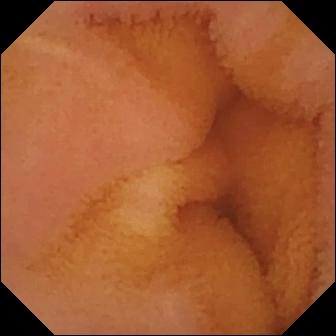- modality: wireless capsule endoscopy
- impression: normal clean mucosa